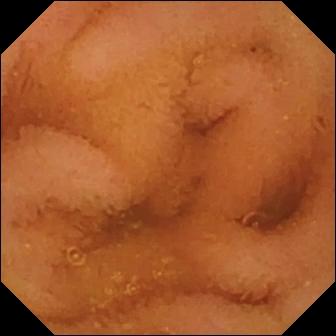Q: What does this wireless capsule endoscopy still of the small bowel show?
A: Normal clean mucosa.